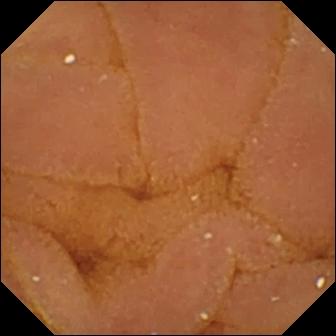This capsule endoscopy view shows normal clean mucosa.